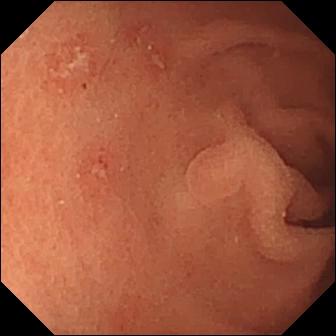This small-bowel capsule endoscopy still shows erosion.